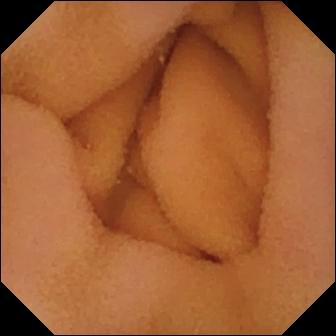modality: VCE
segment: small intestine
category: luminal finding
label: normal clean mucosa